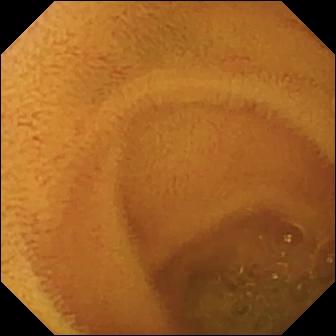Video capsule endoscopy view, small bowel
Label: normal clean mucosa